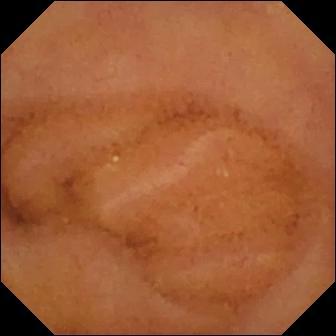WCE view showing normal clean mucosa.